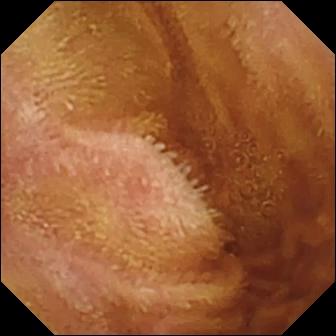Q: What does this WCE still show?
A: Normal clean mucosa.